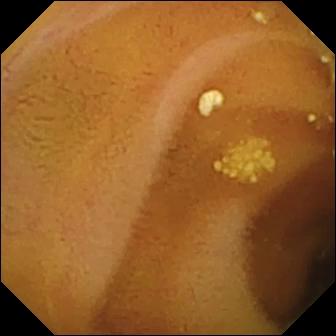WCE image
Label: lymphangiectasia